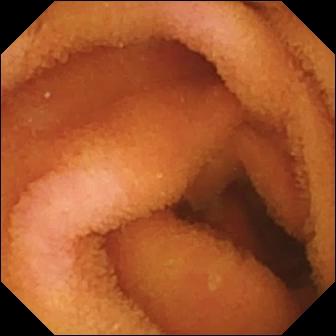{"modality": "small-bowel capsule endoscopy", "segment": "small intestine", "finding": "normal clean mucosa"}